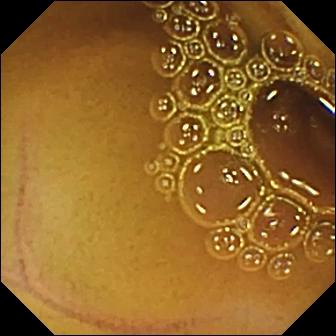Normal clean mucosa — capsule endoscopy still of the small bowel.